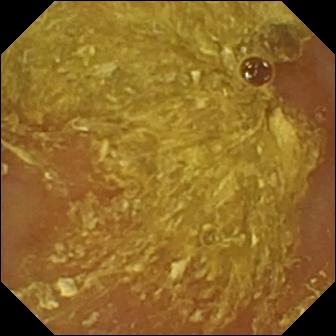Reduced mucosal view (content or bubbles obscuring the mucosa) — VCE image.